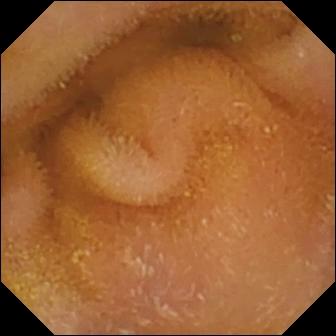Wireless capsule endoscopy view. Normal clean mucosa.